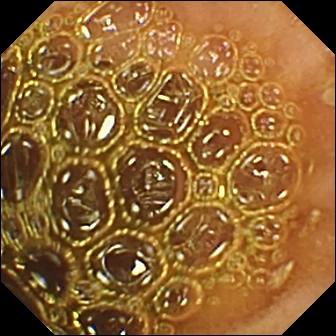modality: video capsule endoscopy; segment: small intestine; category: luminal finding; observation: normal clean mucosa